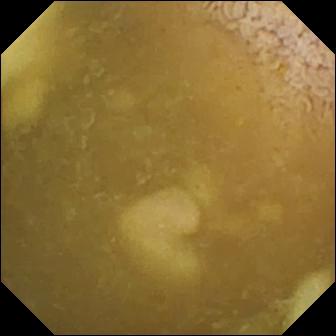PROCEDURE: WCE.
VIDEO SEGMENT: Ileo-cecal valve region (the transition from the small bowel to the large bowel).